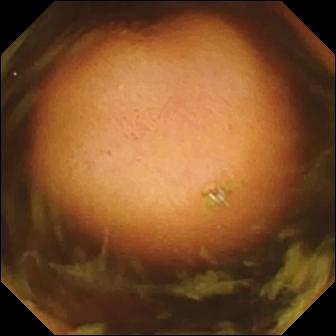Polyp.